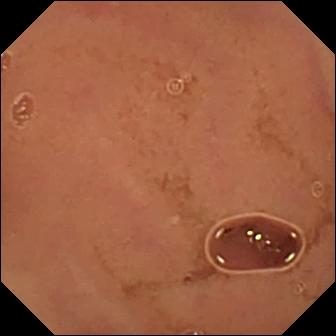Q: What does this video capsule endoscopy view show?
A: Normal clean mucosa.